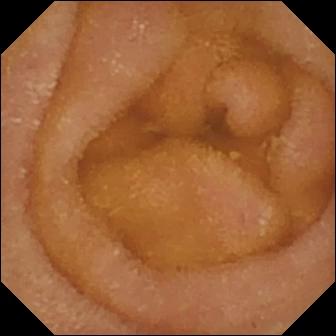WCE — normal clean mucosa.